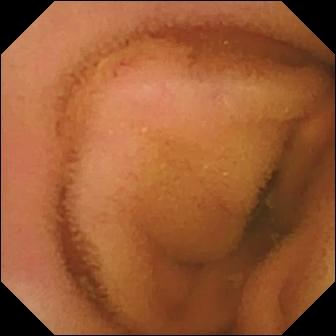modality: small-bowel capsule endoscopy | segment: small intestine | impression: normal clean mucosa